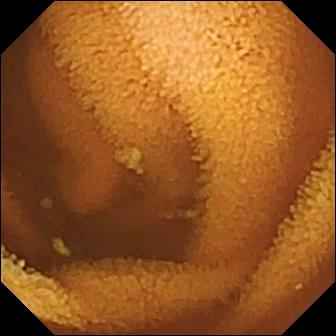This VCE still shows normal clean mucosa.